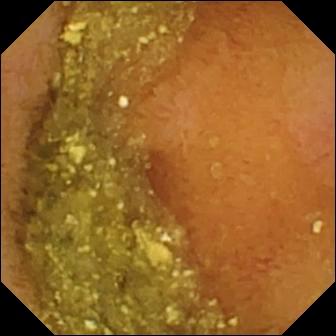This VCE image of the small bowel shows normal clean mucosa.